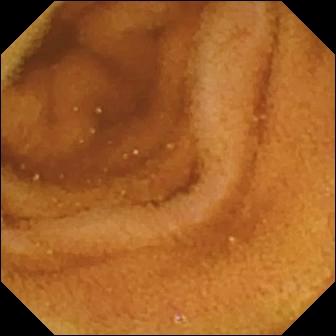Q: What does this VCE view of the small bowel show?
A: Normal clean mucosa.